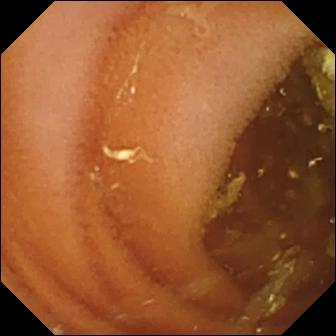- modality: VCE
- segment: small bowel
- category: luminal finding
- finding: normal clean mucosa